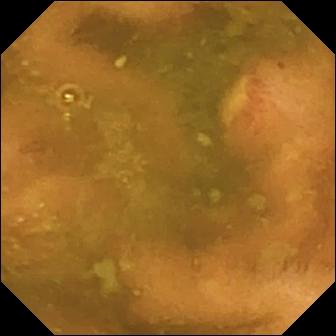Small-bowel capsule endoscopy view
Impression: ulcer